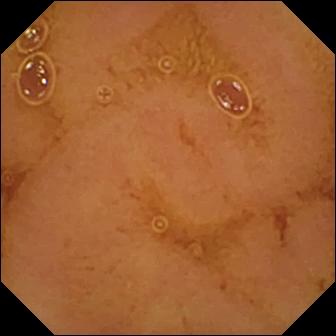Normal clean mucosa — capsule endoscopy snapshot of the small bowel.